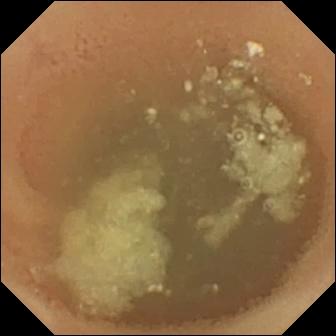Normal clean mucosa (336×336).